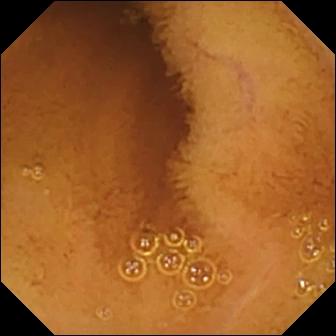Capsule endoscopy still
Label: normal clean mucosa